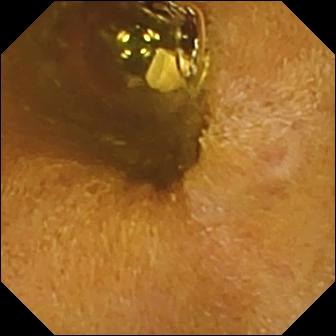Q: What does this wireless capsule endoscopy view show?
A: Foreign body (e.g. retained capsule, tablet residue).